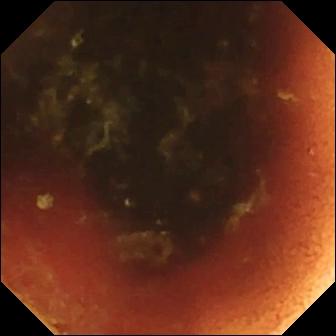- modality: video capsule endoscopy
- category: anatomical landmark
- video segment: ileo-cecal valve region (where the capsule passes from the small bowel into the large bowel)